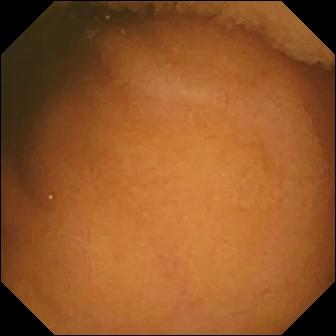modality: VCE; segment: small intestine; label: normal clean mucosa